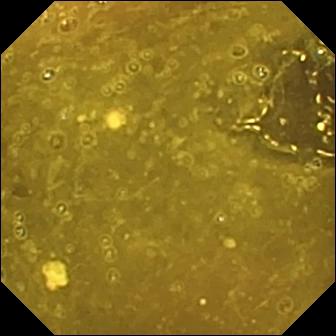Ileo-cecal valve region.